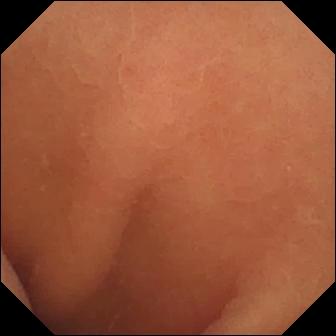Normal clean mucosa — VCE still.